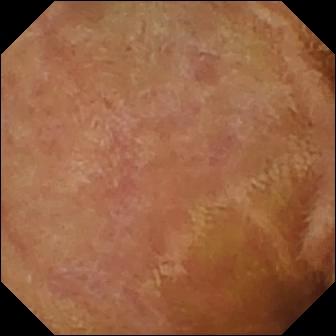Wireless capsule endoscopy — normal clean mucosa.